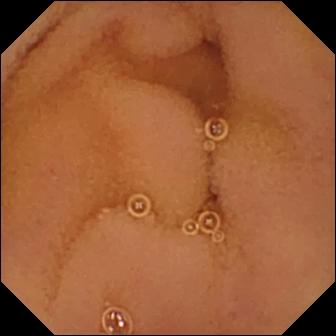Video capsule endoscopy still, 336×336. Normal clean mucosa.